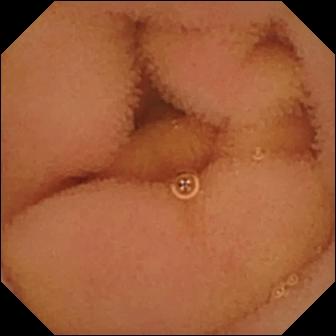PROCEDURE: Video capsule endoscopy.
FINDINGS: Normal clean mucosa.